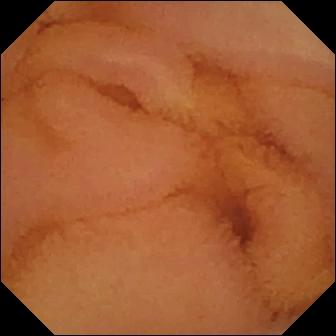Small-bowel capsule endoscopy view, small bowel
Observation: normal clean mucosa